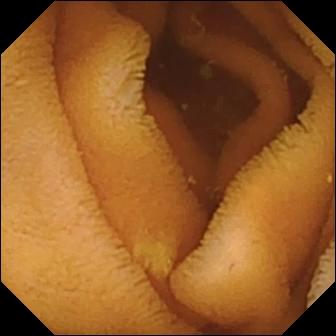Normal clean mucosa.